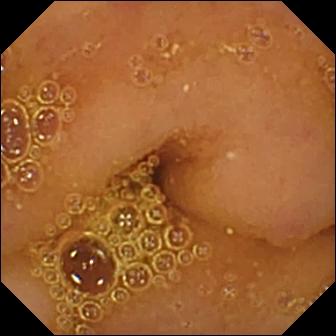This capsule endoscopy image shows normal clean mucosa.